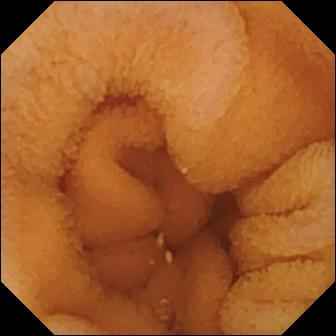Q: What does this VCE frame show?
A: Normal clean mucosa.